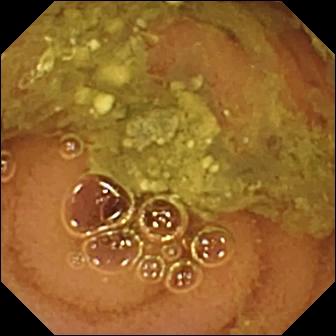modality: small-bowel capsule endoscopy; label: normal clean mucosa